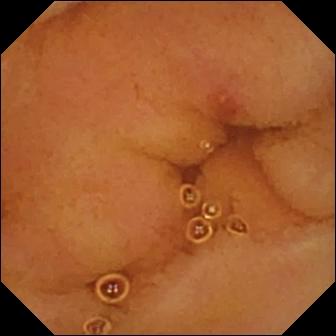Wireless capsule endoscopy view showing erosion.